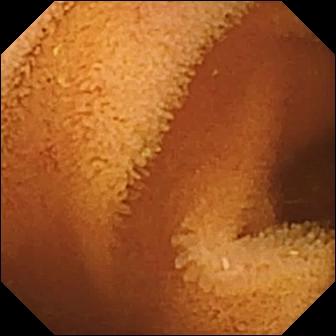Capsule endoscopy — normal clean mucosa.